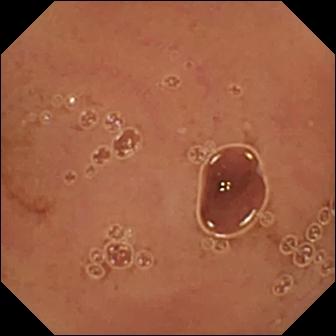Normal clean mucosa — WCE frame of the small intestine.